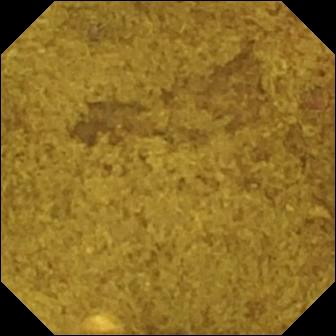modality: small-bowel capsule endoscopy | label: ileo-cecal valve region